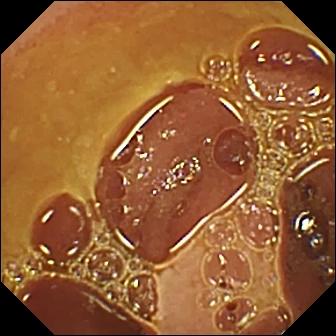PROCEDURE: Capsule endoscopy.
SEGMENT: Small intestine.
FINDINGS: Normal clean mucosa.